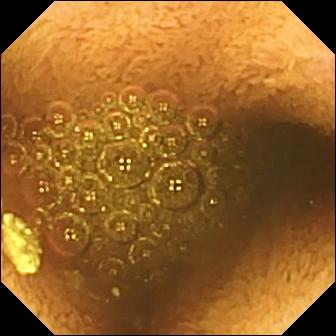Q: What does this WCE view of the small bowel show?
A: Reduced mucosal view (content or bubbles obscuring the mucosa).